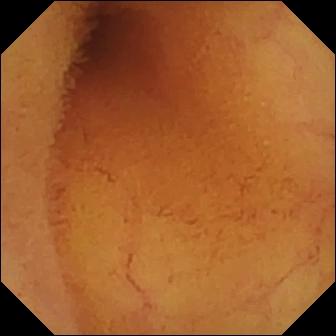WCE snapshot (small bowel). Normal clean mucosa.